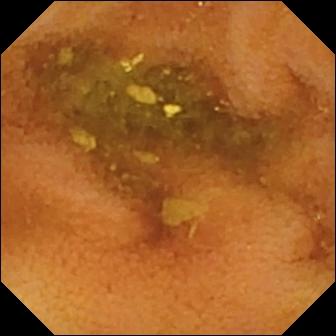Normal clean mucosa — capsule endoscopy image of the small bowel.